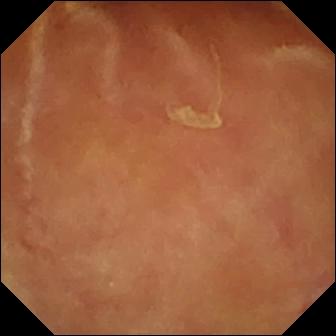WCE still
Observation: normal clean mucosa